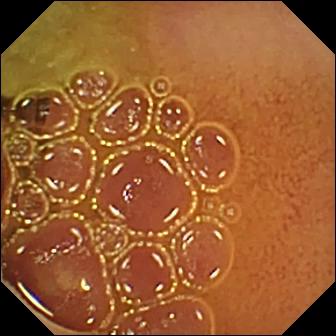Normal clean mucosa.